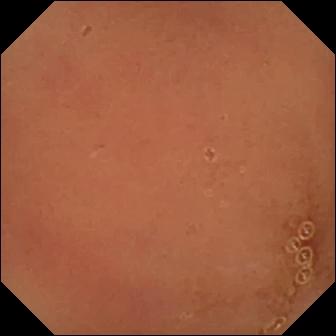- modality: video capsule endoscopy
- segment: small bowel
- impression: normal clean mucosa